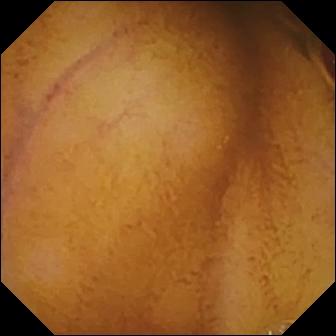Normal clean mucosa.